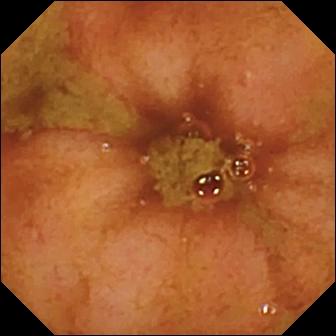Capsule endoscopy image taken in the ileo-cecal valve region (where the capsule passes from the small bowel into the large bowel).